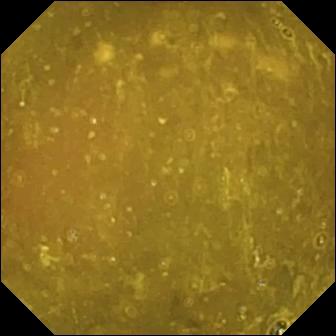modality: VCE
category: anatomical landmark
position: ileo-cecal valve region (the transition from the small bowel to the large bowel)